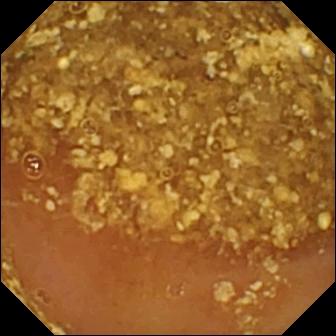VCE still of the small intestine showing reduced mucosal view (content or bubbles obscuring the mucosa).